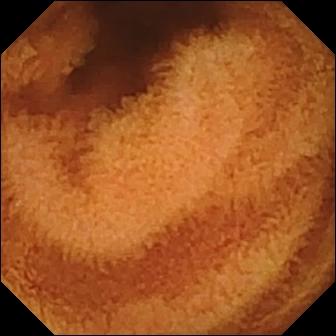PROCEDURE: Small-bowel capsule endoscopy.
FINDINGS: Normal clean mucosa.